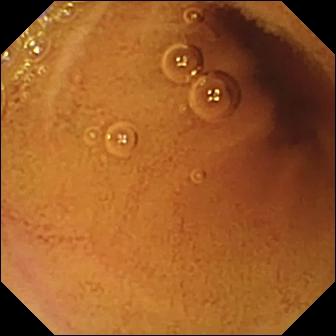This VCE snapshot of the small intestine shows normal clean mucosa.